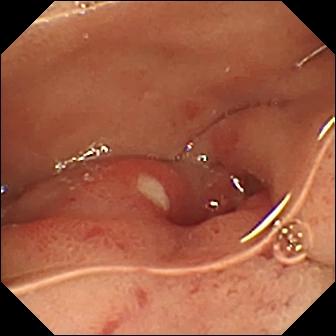modality: VCE
observation: ulcer